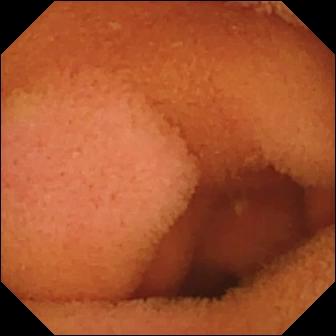Normal clean mucosa.